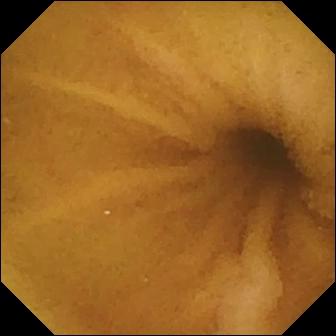modality: VCE | category: luminal finding | label: normal clean mucosa